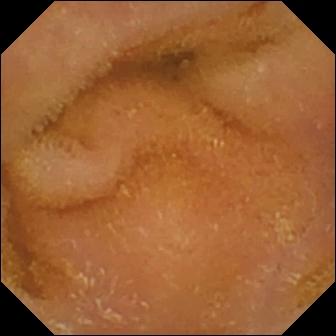PROCEDURE: Small-bowel capsule endoscopy.
SEGMENT: Small bowel.
FINDINGS: Normal clean mucosa.